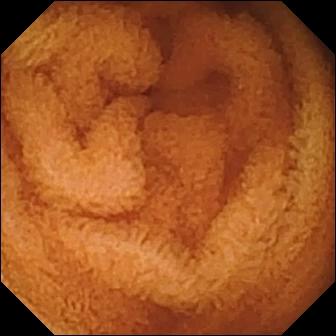Capsule endoscopy. Impression: normal clean mucosa.